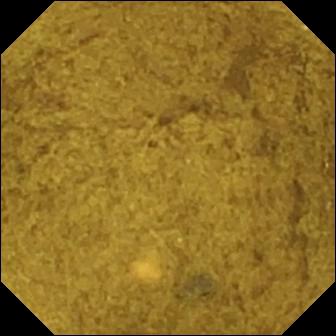Small-bowel capsule endoscopy. Video segment: ileo-cecal valve region (the transition from the small bowel to the large bowel).